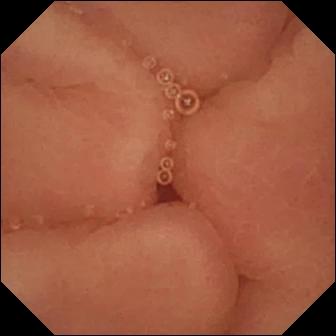VCE. Location: pylorus region (the junction between the stomach and the small bowel).